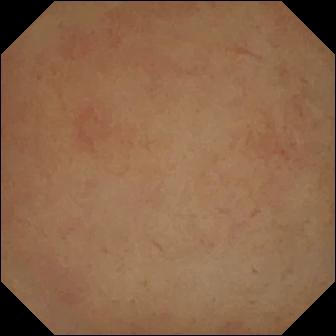Wireless capsule endoscopy snapshot. Taken in the pylorus region.